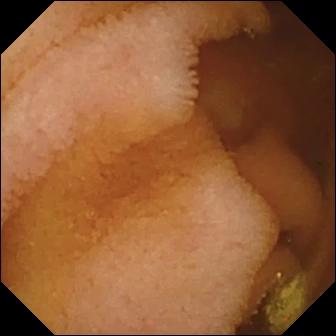WCE frame (small intestine). Normal clean mucosa.